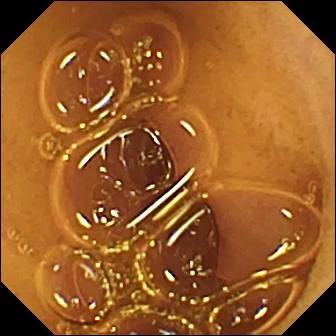Normal clean mucosa.